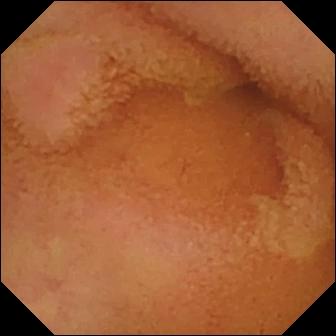Normal clean mucosa — capsule endoscopy frame of the small intestine.